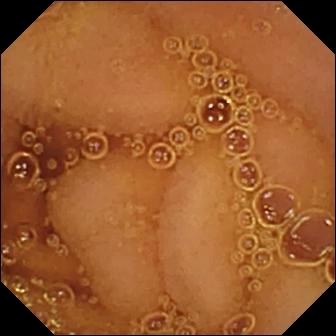Capsule endoscopy snapshot (small bowel), 336×336. Normal clean mucosa.